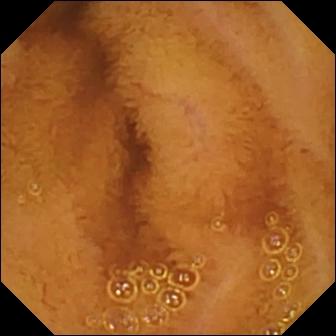Wireless capsule endoscopy frame (small intestine). Normal clean mucosa.